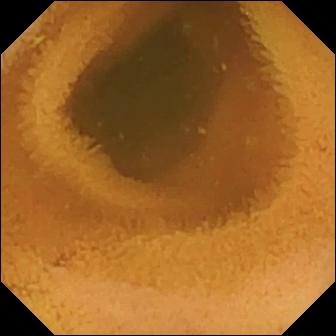Capsule endoscopy view of the small intestine showing normal clean mucosa.